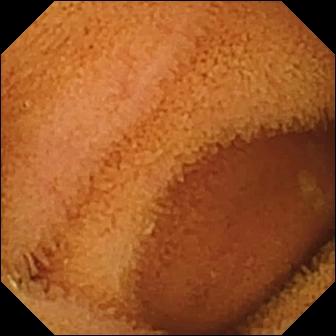{"modality": "small-bowel capsule endoscopy", "finding": "normal clean mucosa"}